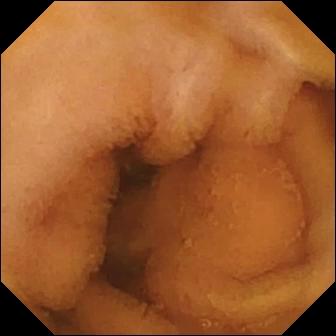PROCEDURE: Small-bowel capsule endoscopy.
FINDINGS: Normal clean mucosa.